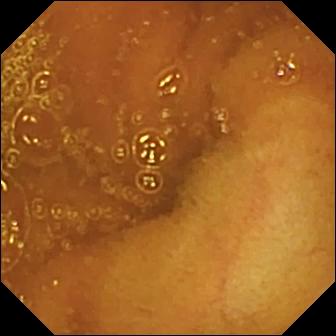This capsule endoscopy image shows normal clean mucosa.